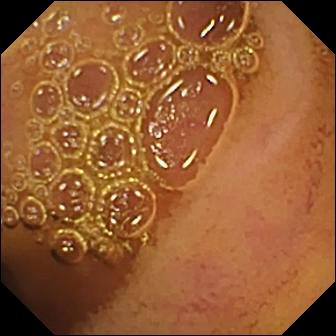- modality: video capsule endoscopy
- segment: small bowel
- label: normal clean mucosa